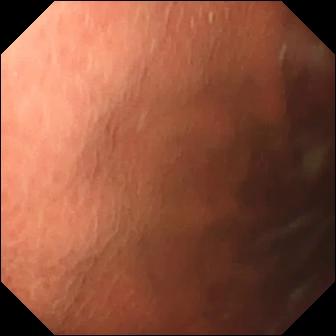This video capsule endoscopy snapshot was taken in the pylorus region (where the capsule passes from the stomach into the small bowel).